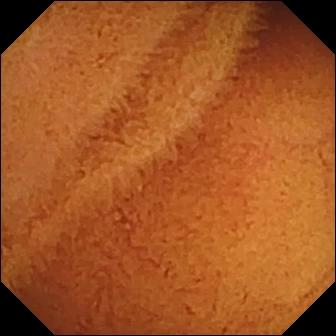modality: capsule endoscopy; category: luminal finding; impression: normal clean mucosa